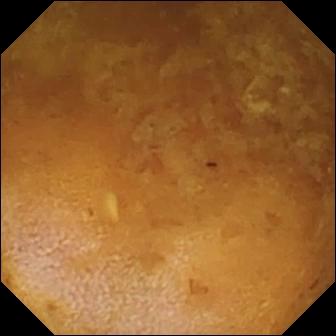This small-bowel capsule endoscopy still of the small intestine shows reduced mucosal view (content or bubbles obscuring the mucosa).